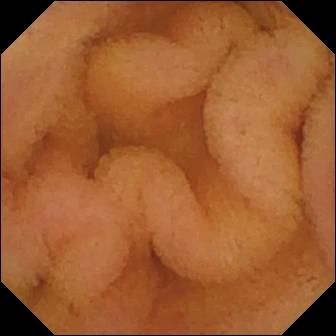WCE — normal clean mucosa.